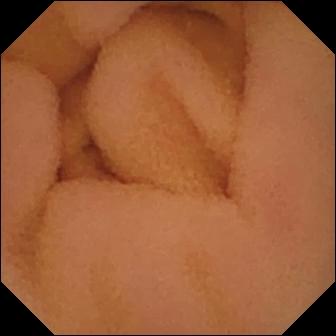Capsule endoscopy view (small intestine), 336×336. Normal clean mucosa.